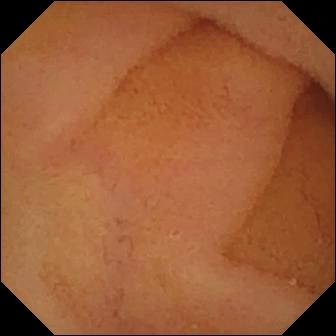- modality: video capsule endoscopy
- segment: small bowel
- finding: normal clean mucosa